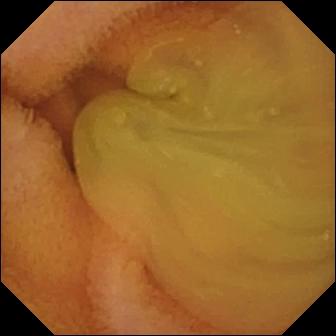- modality: small-bowel capsule endoscopy
- segment: small bowel
- label: normal clean mucosa